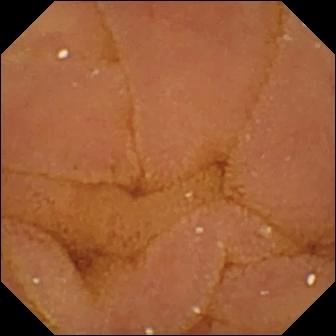Normal clean mucosa.